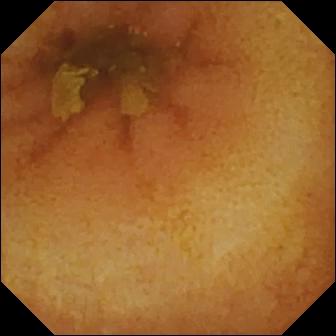Small-bowel capsule endoscopy snapshot (small intestine). Normal clean mucosa.